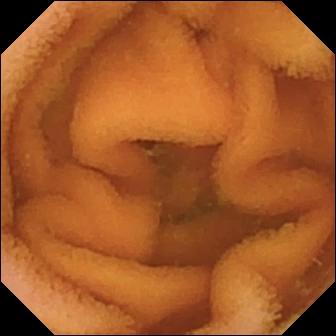Capsule endoscopy — normal clean mucosa.